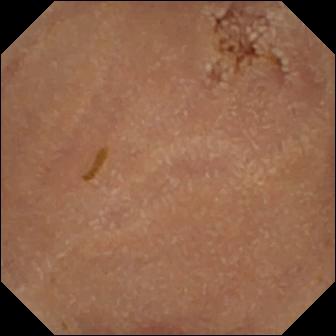PROCEDURE: Video capsule endoscopy.
SEGMENT: Small bowel.
FINDINGS: Normal clean mucosa.